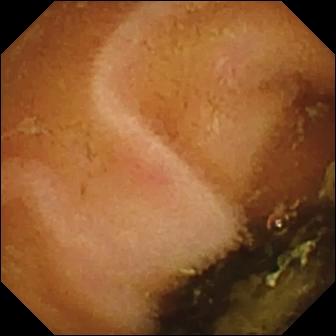Normal clean mucosa.